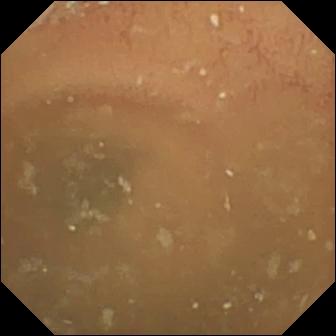VCE snapshot
Finding: normal clean mucosa